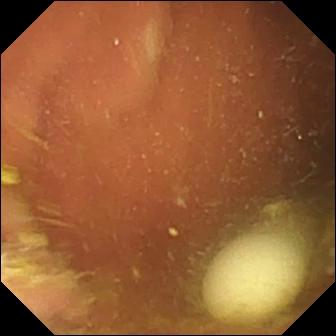Video capsule endoscopy view showing foreign body (e.g. retained capsule, tablet residue).